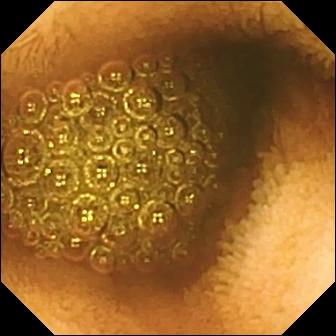Q: What does this wireless capsule endoscopy still of the small bowel show?
A: Reduced mucosal view (content or bubbles obscuring the mucosa).